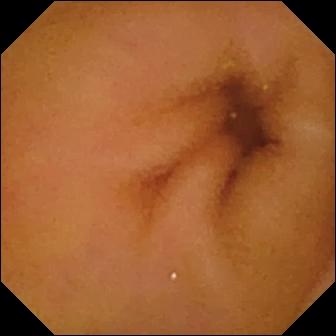This small-bowel capsule endoscopy view of the small bowel shows normal clean mucosa.